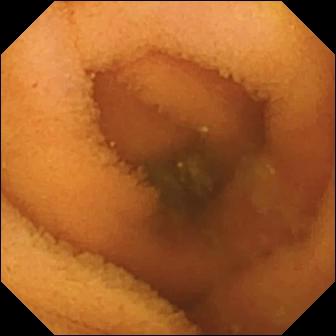Normal clean mucosa — video capsule endoscopy image of the small bowel.